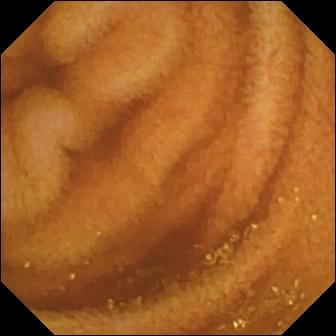- modality: WCE
- impression: normal clean mucosa